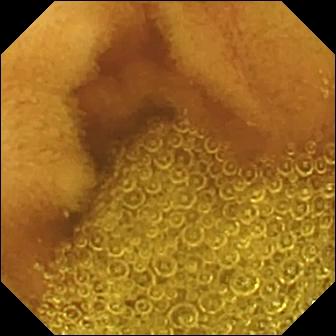modality: video capsule endoscopy
category: luminal finding
impression: normal clean mucosa